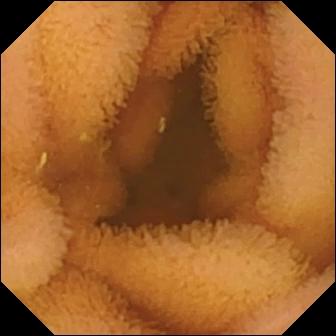This capsule endoscopy image of the small bowel shows normal clean mucosa.